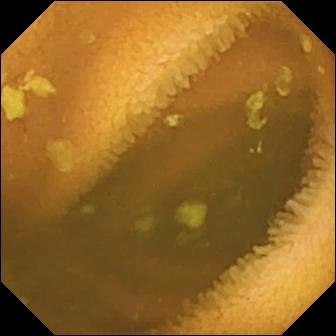WCE. Small bowel. Luminal finding. Label: normal clean mucosa.